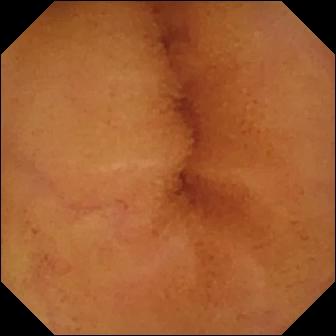Normal clean mucosa — VCE image.